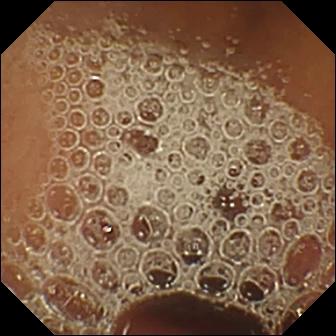Normal clean mucosa — capsule endoscopy snapshot.